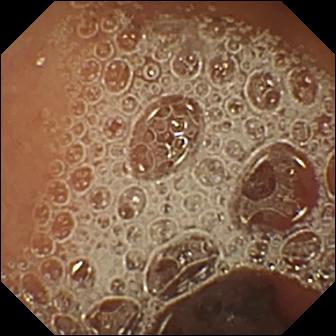Normal clean mucosa.